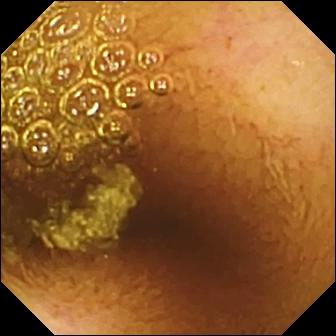modality: small-bowel capsule endoscopy | finding: normal clean mucosa